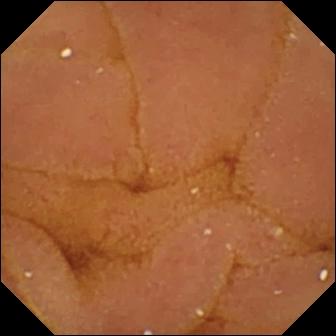Small-bowel capsule endoscopy image, small intestine
Impression: normal clean mucosa